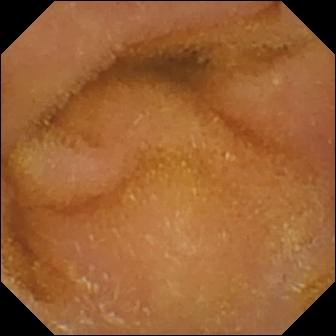Small-bowel capsule endoscopy frame, small intestine
Label: normal clean mucosa